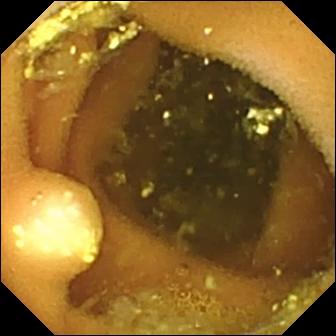Q: What does this capsule endoscopy view show?
A: Lymphangiectasia.